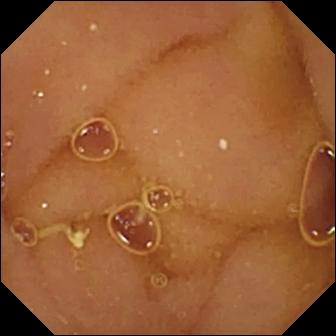Small-bowel capsule endoscopy still (small intestine), 336×336. Normal clean mucosa.